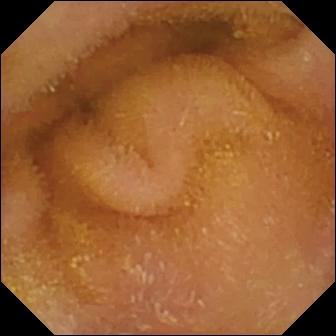WCE. Small intestine. Impression: normal clean mucosa.